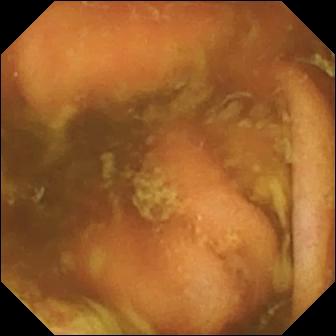Ileo-cecal valve region (the transition from the small bowel to the large bowel) — video capsule endoscopy frame.